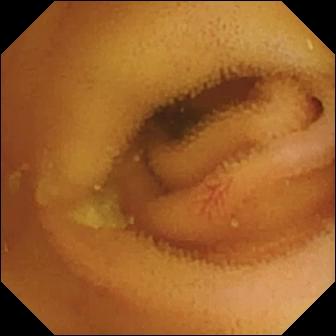{"modality": "WCE", "finding": "angiectasia"}